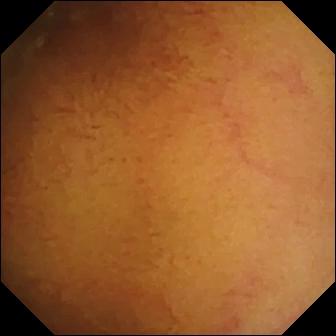WCE — normal clean mucosa.